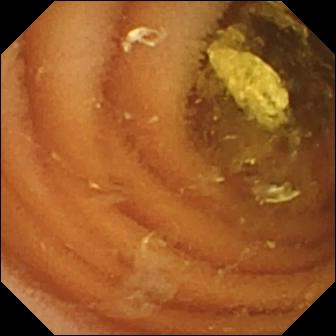- modality: small-bowel capsule endoscopy
- label: normal clean mucosa